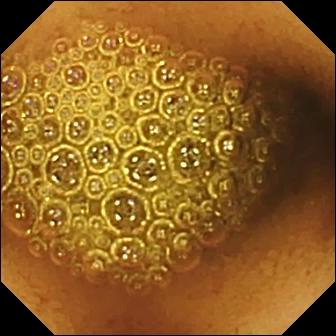PROCEDURE: WCE.
SEGMENT: Small bowel.
FINDINGS: Reduced mucosal view (content or bubbles obscuring the mucosa).